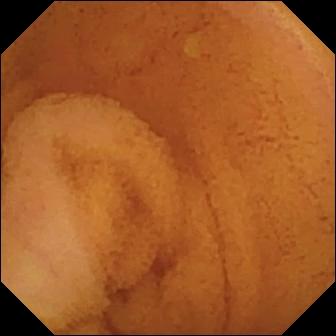Q: What does this VCE view show?
A: Normal clean mucosa.